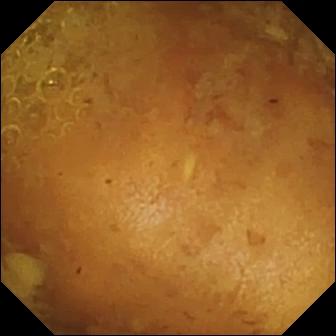VCE still
Finding: reduced mucosal view (content or bubbles obscuring the mucosa)